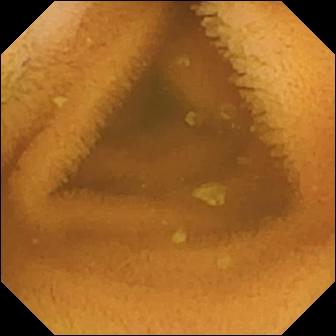Video capsule endoscopy. Label: normal clean mucosa.